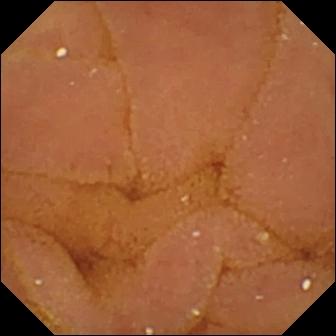Video capsule endoscopy — normal clean mucosa.